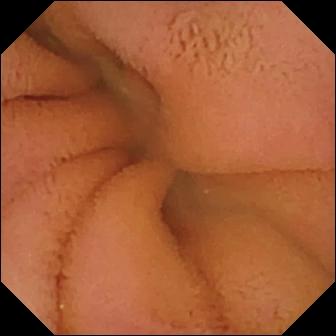This wireless capsule endoscopy still shows normal clean mucosa.